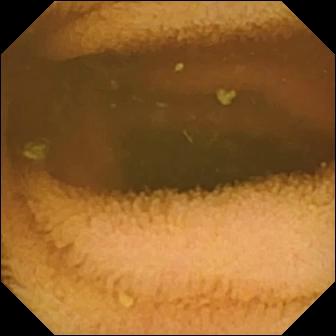Q: What does this wireless capsule endoscopy snapshot of the small bowel show?
A: Normal clean mucosa.